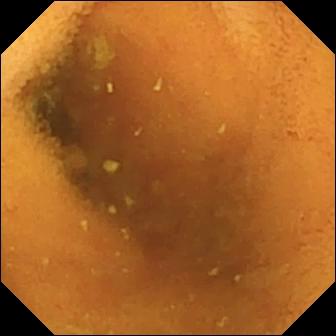- modality: capsule endoscopy
- segment: small bowel
- label: normal clean mucosa